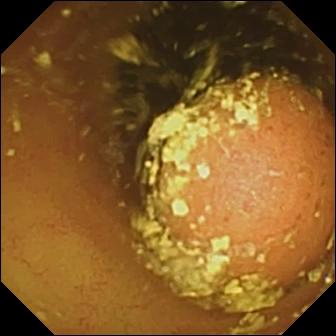modality: capsule endoscopy
finding: foreign body (e.g. retained capsule, tablet residue)